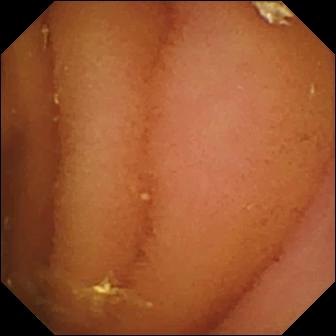Video capsule endoscopy frame showing normal clean mucosa.